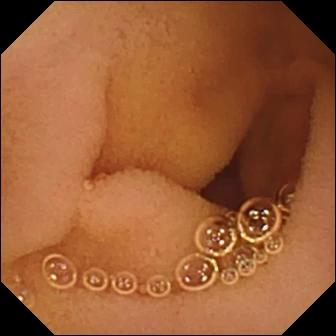VCE frame. Normal clean mucosa.